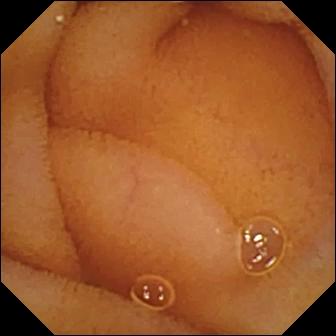Q: What does this VCE view of the small intestine show?
A: Normal clean mucosa.